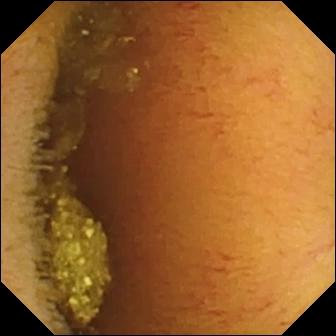modality: capsule endoscopy | segment: small bowel | impression: normal clean mucosa